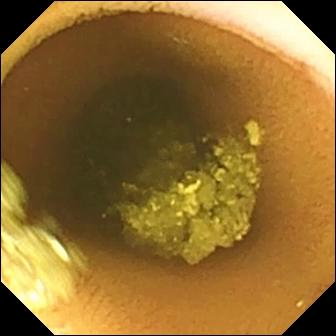Video capsule endoscopy frame (small bowel). Normal clean mucosa.